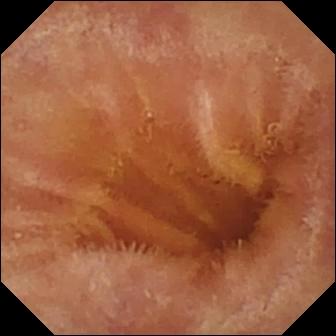PROCEDURE: VCE.
FINDINGS: Normal clean mucosa.